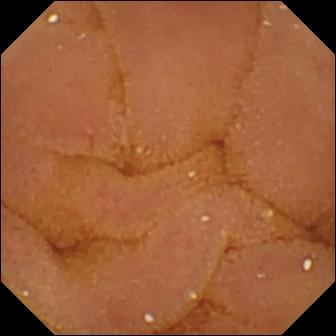Normal clean mucosa — capsule endoscopy frame.